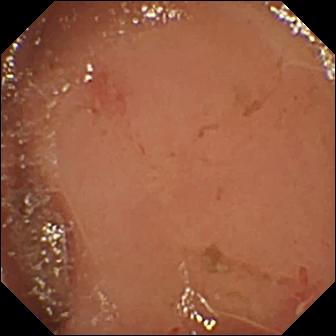Erosion.